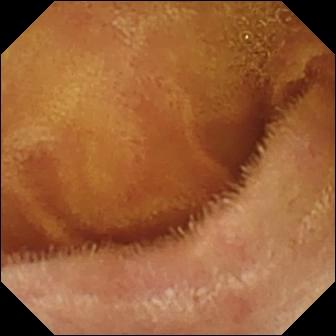WCE view of the small intestine showing normal clean mucosa.